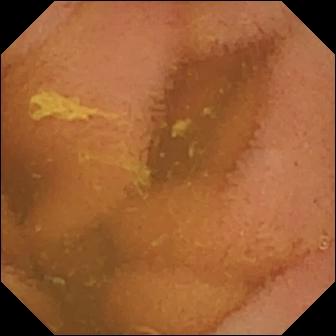PROCEDURE: Small-bowel capsule endoscopy.
FINDINGS: Normal clean mucosa.